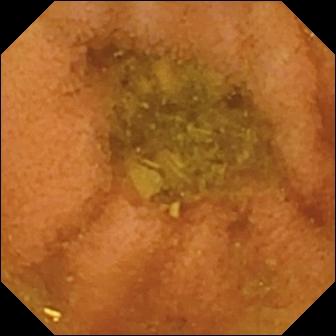PROCEDURE: Small-bowel capsule endoscopy.
SEGMENT: Small intestine.
FINDINGS: Normal clean mucosa.